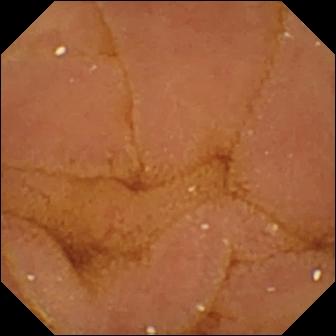PROCEDURE: Small-bowel capsule endoscopy.
FINDINGS: Normal clean mucosa.